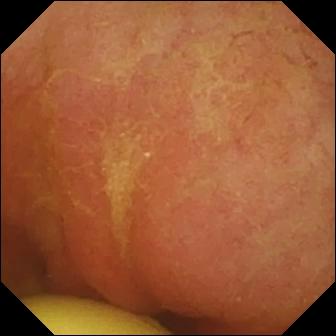Capsule endoscopy still
Observation: foreign body (e.g. retained capsule, tablet residue)